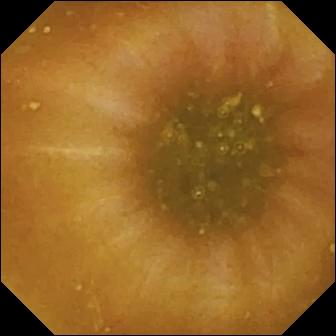- modality: small-bowel capsule endoscopy
- location: ileo-cecal valve region